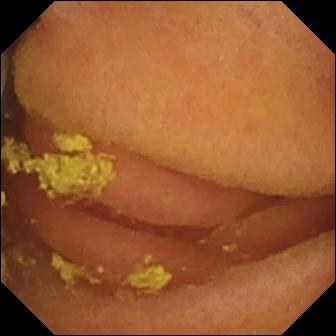Foreign body (e.g. retained capsule, tablet residue) — VCE still.